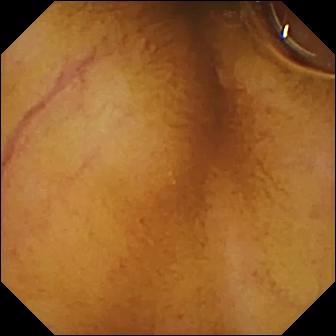Wireless capsule endoscopy. Small bowel. Finding: normal clean mucosa.